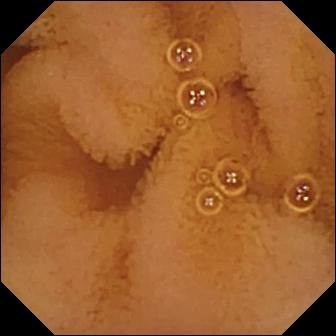Q: What does this VCE frame of the small intestine show?
A: Normal clean mucosa.